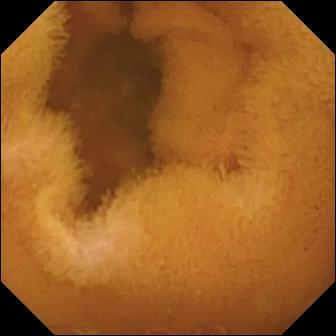Wireless capsule endoscopy. Small intestine. Label: normal clean mucosa.